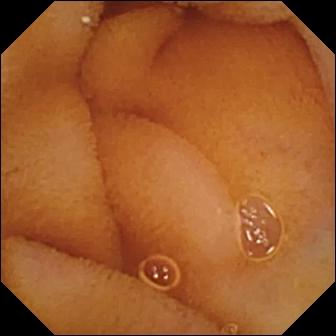This small-bowel capsule endoscopy frame shows normal clean mucosa.